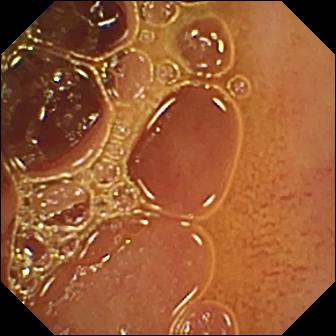Normal clean mucosa — VCE view of the small intestine.